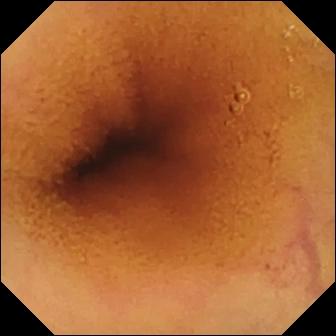Normal clean mucosa.